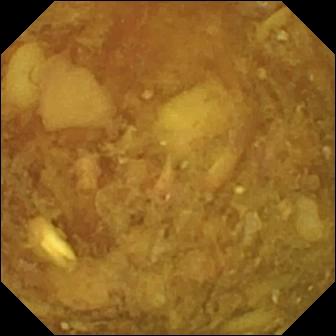Video capsule endoscopy image showing reduced mucosal view (content or bubbles obscuring the mucosa).